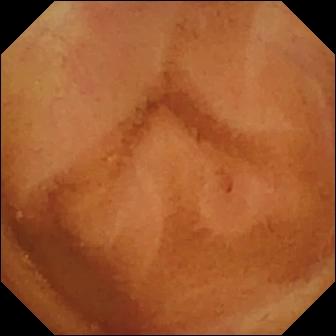Video capsule endoscopy image of the small intestine showing normal clean mucosa.